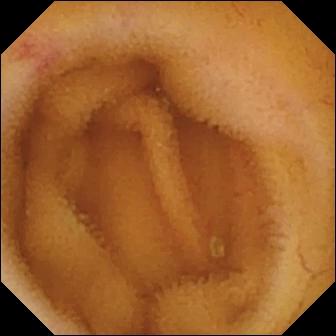Capsule endoscopy still. Angiectasia.